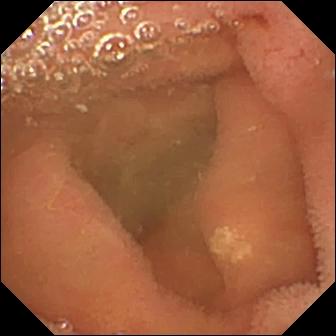Q: What does this wireless capsule endoscopy frame show?
A: Lymphangiectasia.